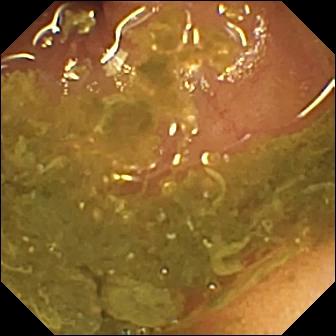This small-bowel capsule endoscopy image was taken in the ileo-cecal valve region (where the capsule passes from the small bowel into the large bowel).